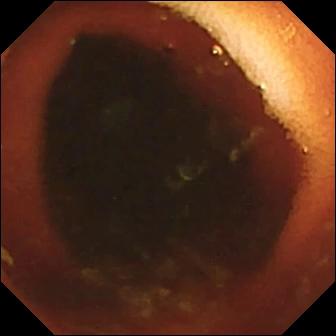modality: VCE | location: ileo-cecal valve region (where the capsule passes from the small bowel into the large bowel)